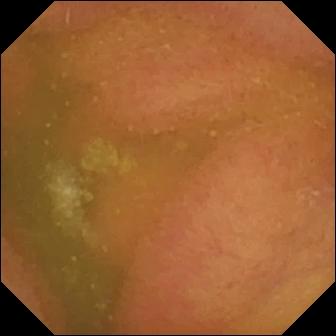- modality: WCE
- category: luminal finding
- label: normal clean mucosa